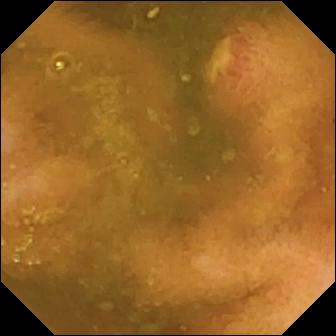Ulcer — wireless capsule endoscopy still.